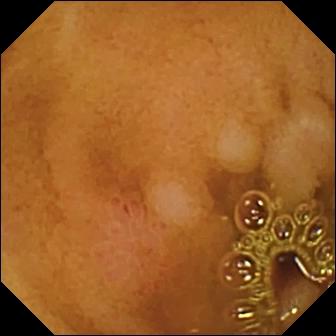Wireless capsule endoscopy — erosion.